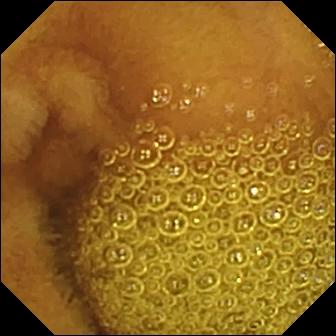PROCEDURE: Capsule endoscopy.
FINDINGS: Normal clean mucosa.